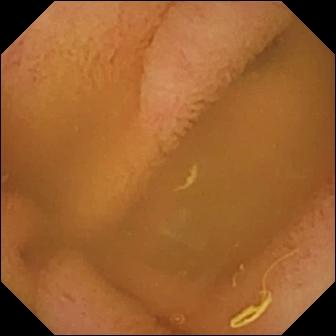- modality: wireless capsule endoscopy
- impression: normal clean mucosa